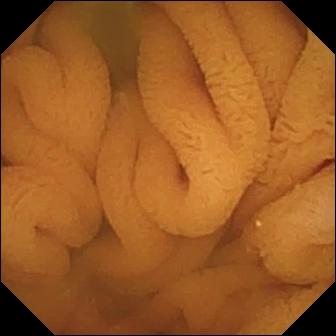Small-bowel capsule endoscopy still
Finding: normal clean mucosa